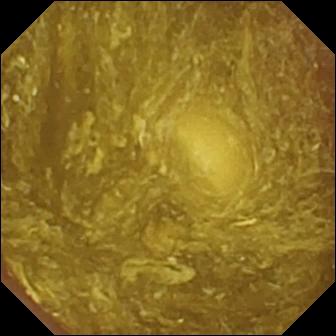PROCEDURE: Video capsule endoscopy.
SEGMENT: Small intestine.
FINDINGS: Reduced mucosal view (content or bubbles obscuring the mucosa).